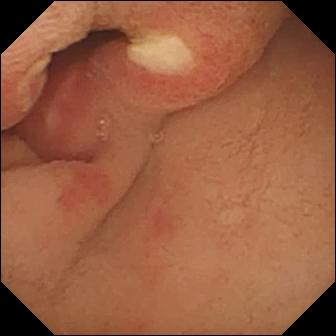VCE — ulcer.